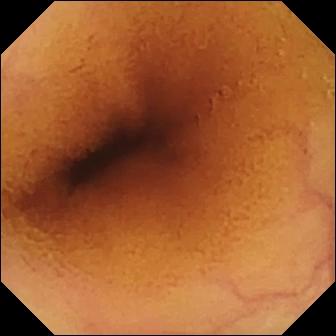{"modality": "wireless capsule endoscopy", "category": "luminal finding", "finding": "normal clean mucosa"}